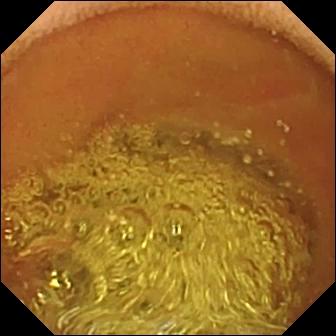- modality: video capsule endoscopy
- category: luminal finding
- label: normal clean mucosa